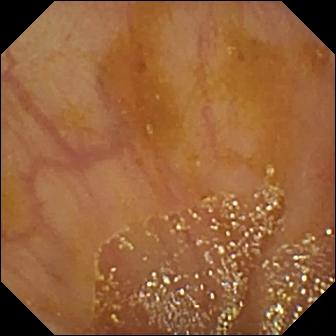This wireless capsule endoscopy snapshot was taken in the ileo-cecal valve region (where the capsule passes from the small bowel into the large bowel).